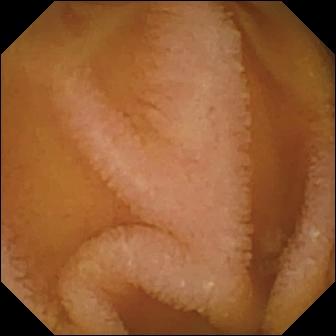WCE still showing normal clean mucosa.